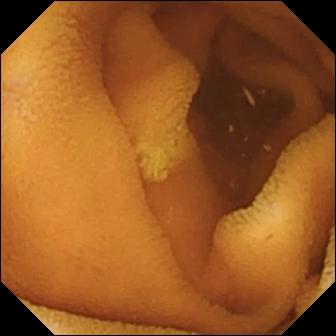Wireless capsule endoscopy — normal clean mucosa.